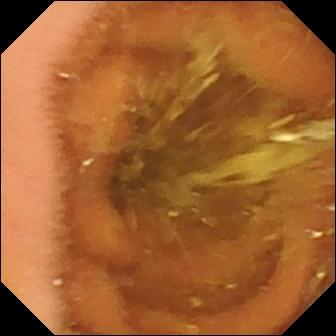PROCEDURE: WCE.
SEGMENT: Small intestine.
FINDINGS: Normal clean mucosa.